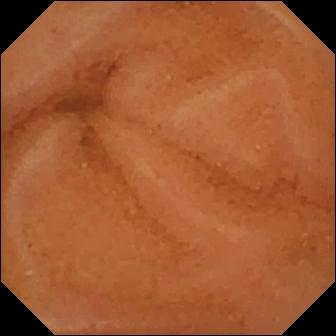{"modality": "WCE", "segment": "small bowel", "finding": "normal clean mucosa"}